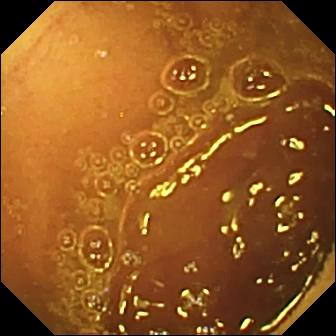Capsule endoscopy view showing normal clean mucosa.